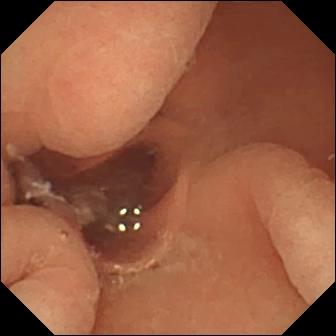{"modality": "small-bowel capsule endoscopy", "category": "luminal finding", "finding": "normal clean mucosa"}